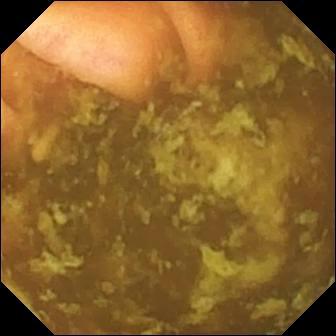- modality: wireless capsule endoscopy
- location: ileo-cecal valve region (where the capsule passes from the small bowel into the large bowel)